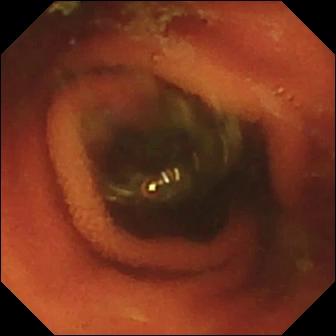Capsule endoscopy still. Taken in the ileo-cecal valve region.